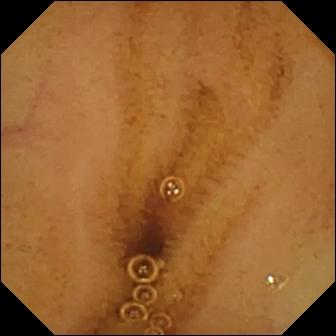{"modality": "small-bowel capsule endoscopy", "finding": "normal clean mucosa"}